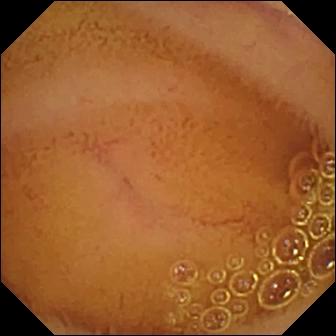Wireless capsule endoscopy still. Normal clean mucosa.